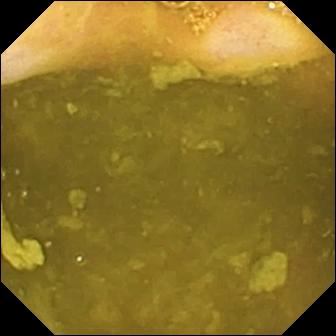PROCEDURE: WCE.
VIDEO SEGMENT: Ileo-cecal valve region.